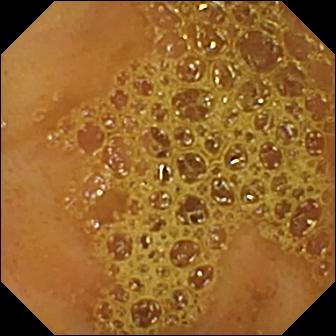Q: Where in the digestive tract was this WCE snapshot taken?
A: Ileo-cecal valve region.